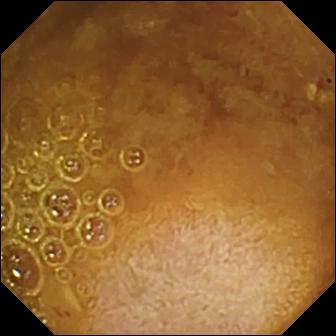WCE frame showing reduced mucosal view (content or bubbles obscuring the mucosa).